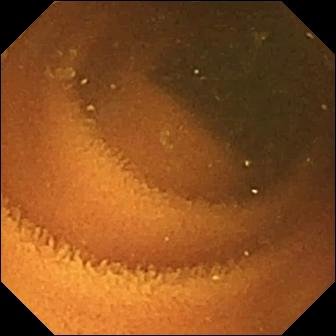- modality: small-bowel capsule endoscopy
- segment: small intestine
- finding: normal clean mucosa